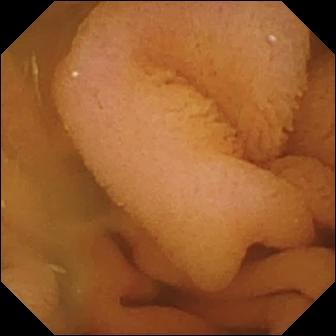PROCEDURE: VCE.
FINDINGS: Normal clean mucosa.